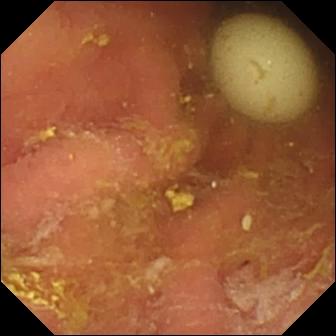VCE. Luminal finding. Observation: foreign body (e.g. retained capsule, tablet residue).